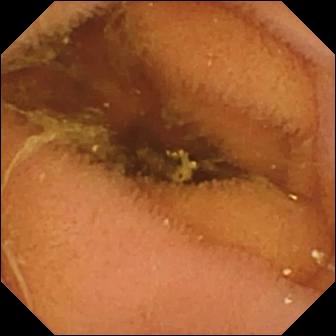Normal clean mucosa.